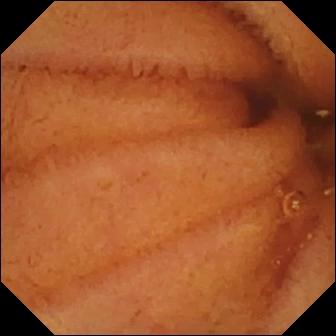Wireless capsule endoscopy view showing normal clean mucosa.